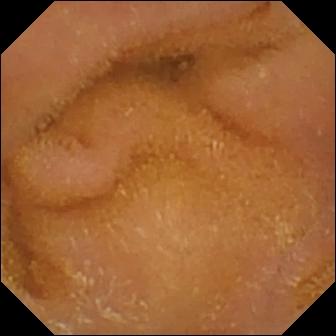This wireless capsule endoscopy frame of the small bowel shows normal clean mucosa.